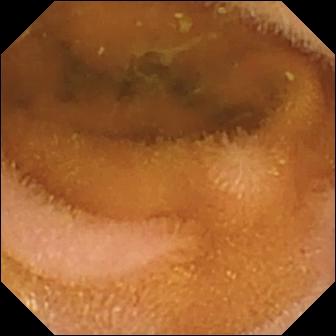PROCEDURE: Video capsule endoscopy.
SEGMENT: Small intestine.
FINDINGS: Normal clean mucosa.